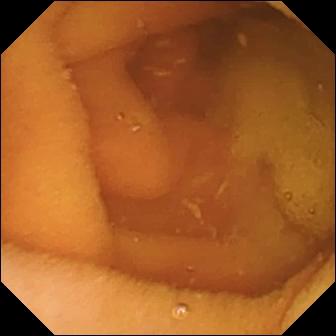- modality: wireless capsule endoscopy
- segment: small bowel
- finding: normal clean mucosa